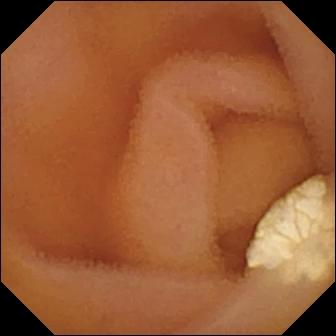{"modality": "wireless capsule endoscopy", "finding": "lymphangiectasia"}